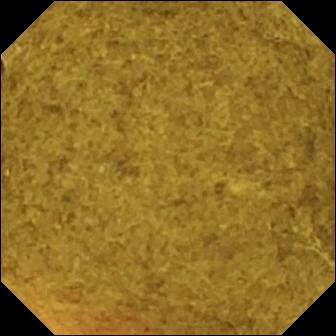Ileo-cecal valve region.